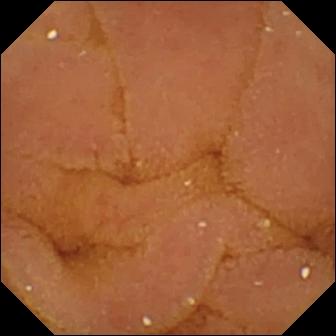Small-bowel capsule endoscopy frame showing normal clean mucosa.